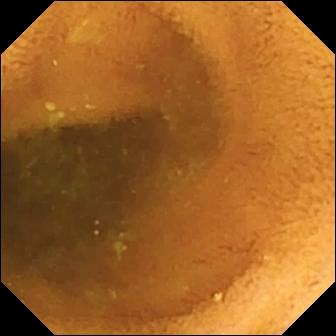VCE. Small bowel. Label: normal clean mucosa.